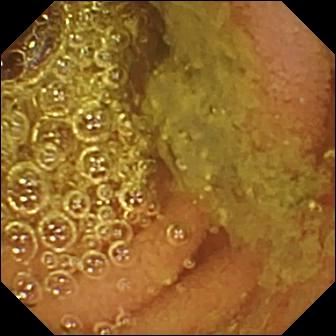VCE image
Observation: normal clean mucosa